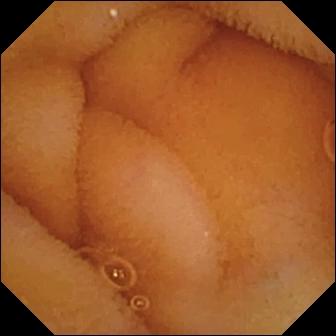This VCE snapshot shows normal clean mucosa.